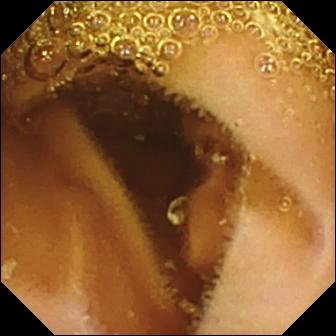WCE. Observation: normal clean mucosa.